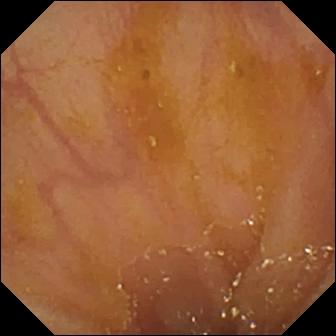VCE — ileo-cecal valve region.